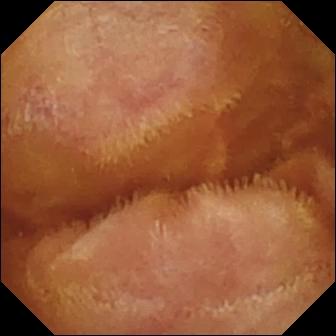Normal clean mucosa — small-bowel capsule endoscopy snapshot of the small bowel.